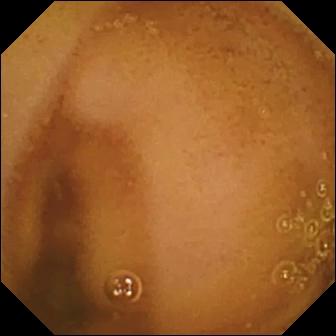Q: What does this small-bowel capsule endoscopy view of the small bowel show?
A: Normal clean mucosa.